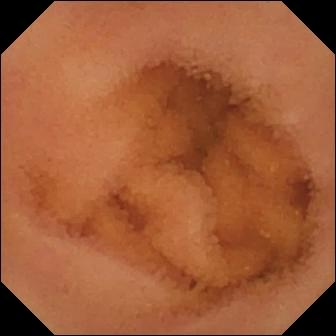Wireless capsule endoscopy — normal clean mucosa.